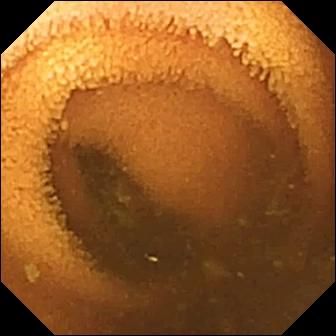Wireless capsule endoscopy. Small bowel. Label: normal clean mucosa.